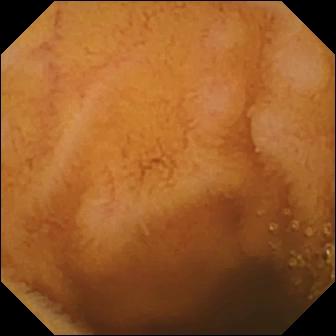Q: What does this video capsule endoscopy image show?
A: Normal clean mucosa.